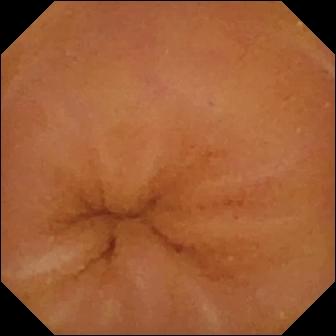Normal clean mucosa.